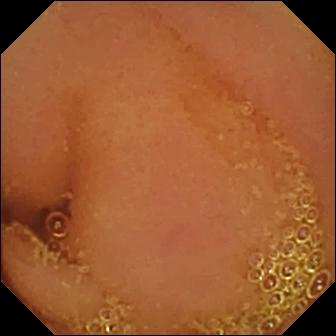WCE snapshot showing normal clean mucosa.